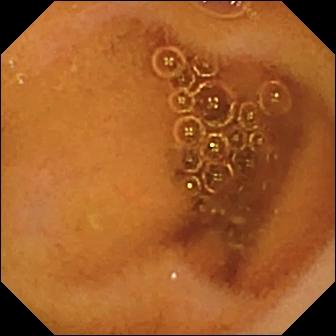Wireless capsule endoscopy view
Label: normal clean mucosa